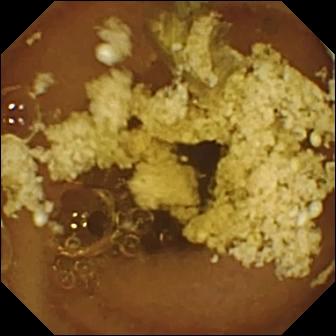Normal clean mucosa.